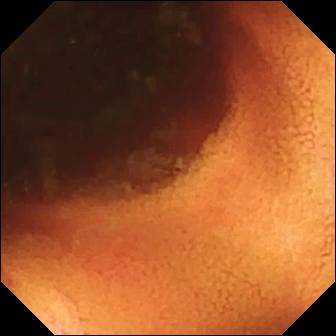VCE — ileo-cecal valve region (the transition from the small bowel to the large bowel).